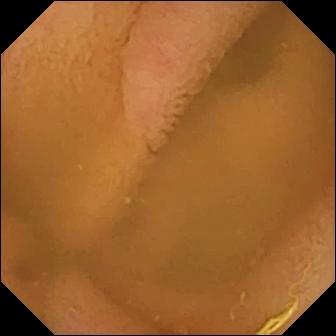Q: What does this wireless capsule endoscopy image show?
A: Normal clean mucosa.